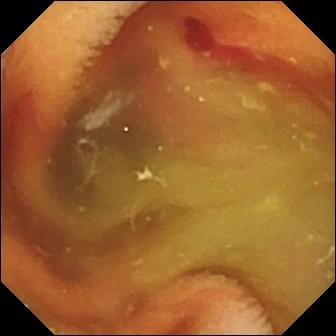{"modality": "wireless capsule endoscopy", "finding": "fresh blood in the lumen"}